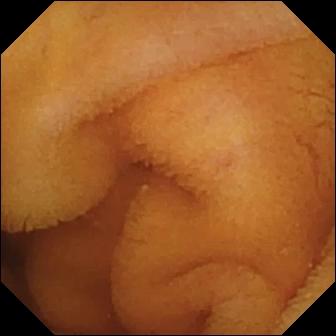Q: What does this VCE view of the small bowel show?
A: Normal clean mucosa.